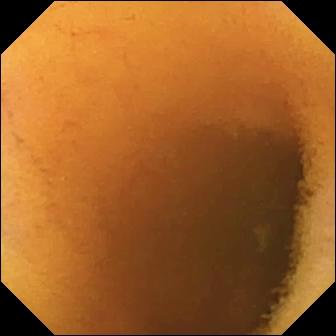Capsule endoscopy — normal clean mucosa.